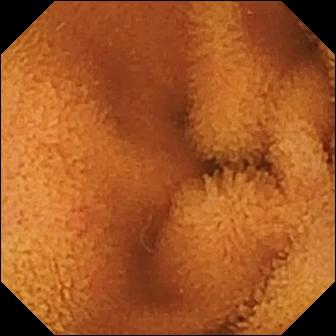- modality: wireless capsule endoscopy
- observation: normal clean mucosa